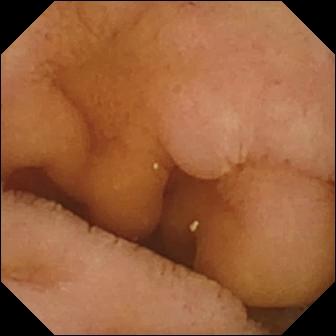VCE image (small intestine), 336×336. Normal clean mucosa.